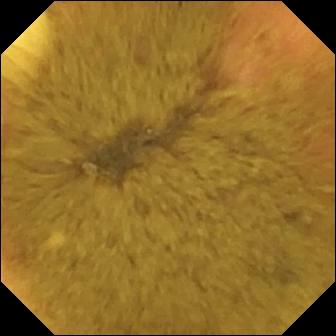PROCEDURE: Wireless capsule endoscopy.
LOCATION: Ileo-cecal valve region (the transition from the small bowel to the large bowel).